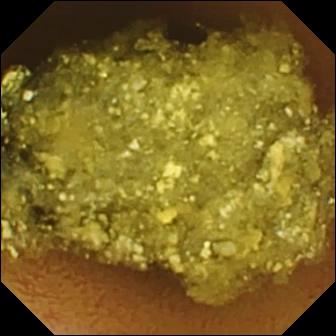Small-bowel capsule endoscopy. Small intestine. Luminal finding. Label: normal clean mucosa.